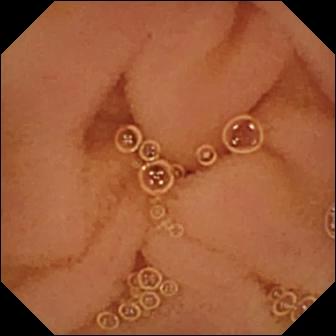Video capsule endoscopy view, 336×336. Normal clean mucosa.